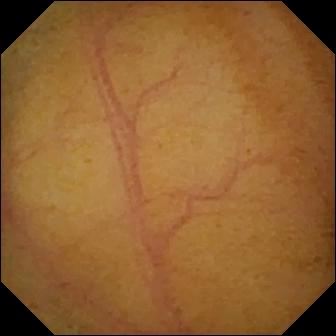This video capsule endoscopy still of the small intestine shows normal clean mucosa.